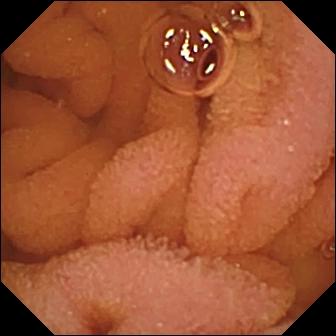Video capsule endoscopy image
Label: normal clean mucosa